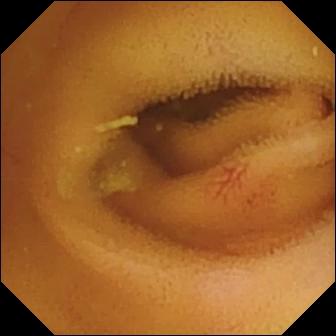modality: small-bowel capsule endoscopy | category: luminal finding | impression: angiectasia